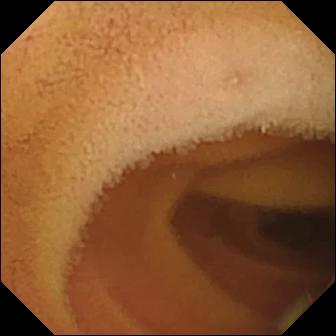VCE. Small bowel. Label: normal clean mucosa.